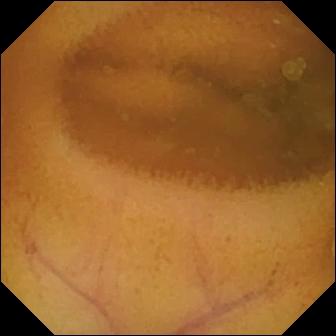PROCEDURE: WCE.
FINDINGS: Normal clean mucosa.